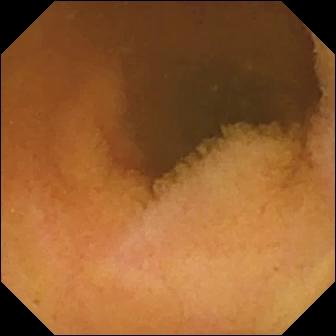Q: What does this small-bowel capsule endoscopy frame of the small intestine show?
A: Normal clean mucosa.